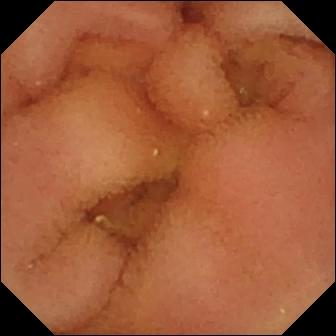Capsule endoscopy view (small intestine). Normal clean mucosa.